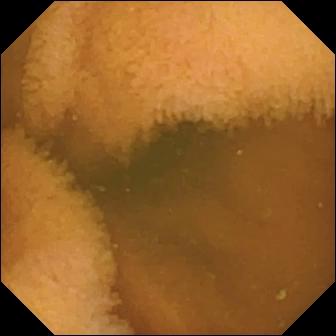Capsule endoscopy frame. Normal clean mucosa.